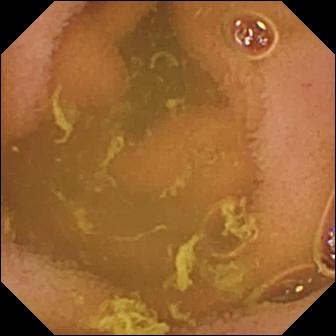- modality: WCE
- label: normal clean mucosa